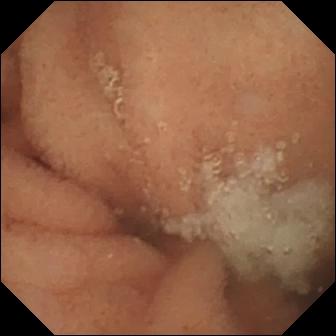Wireless capsule endoscopy view
Label: normal clean mucosa